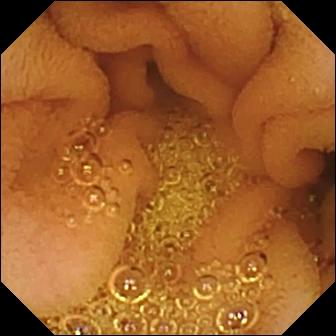Video capsule endoscopy still (small bowel). Normal clean mucosa.